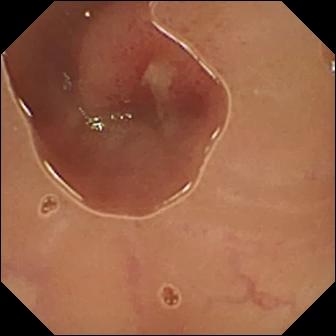Wireless capsule endoscopy. Observation: ulcer.